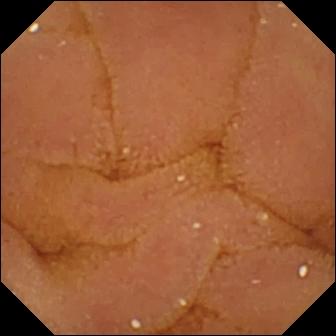WCE — normal clean mucosa.